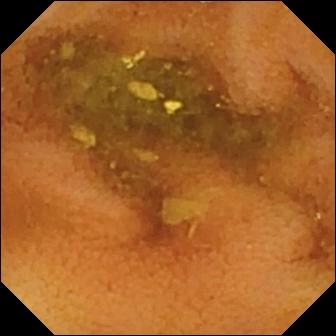Normal clean mucosa — WCE frame of the small bowel.